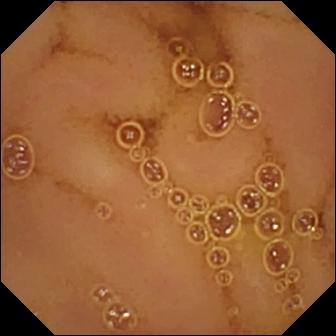Small-bowel capsule endoscopy still
Observation: normal clean mucosa